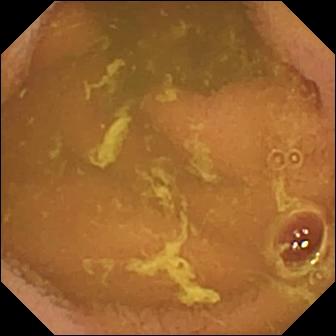Capsule endoscopy snapshot
Label: normal clean mucosa